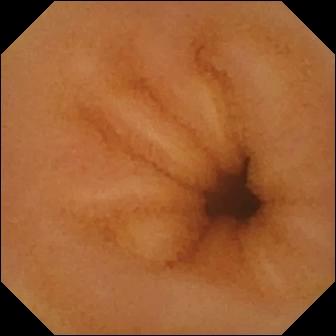modality: video capsule endoscopy
observation: normal clean mucosa